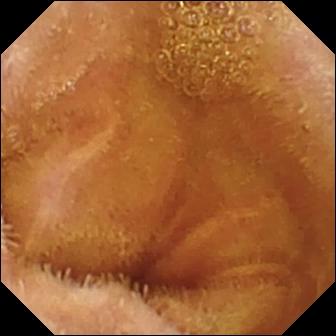PROCEDURE: VCE.
SEGMENT: Small intestine.
FINDINGS: Normal clean mucosa.